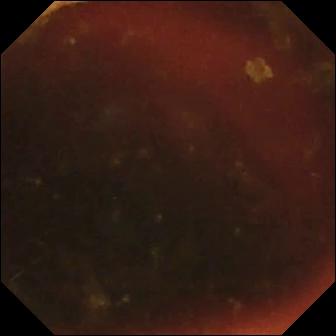Ileo-cecal valve region — VCE view.